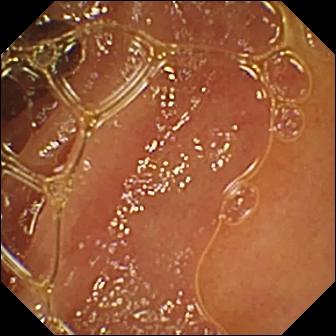PROCEDURE: Wireless capsule endoscopy.
SEGMENT: Small intestine.
FINDINGS: Normal clean mucosa.